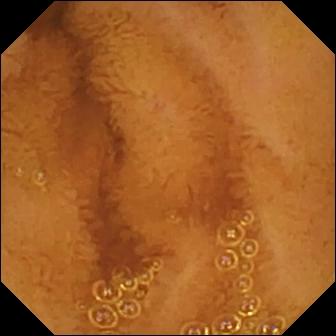Q: What does this video capsule endoscopy still of the small intestine show?
A: Normal clean mucosa.